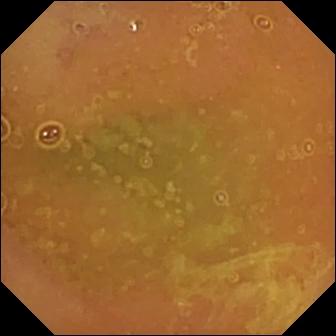Wireless capsule endoscopy image
Label: normal clean mucosa